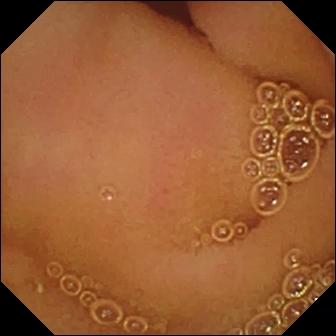WCE view, small bowel
Impression: normal clean mucosa